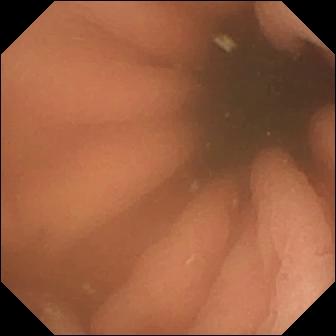This video capsule endoscopy view was taken in the pylorus region.